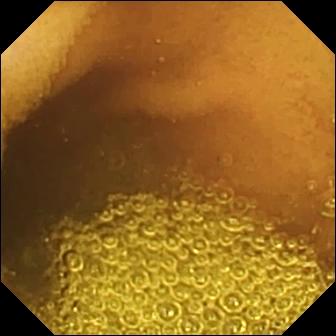Capsule endoscopy image, small intestine
Observation: normal clean mucosa